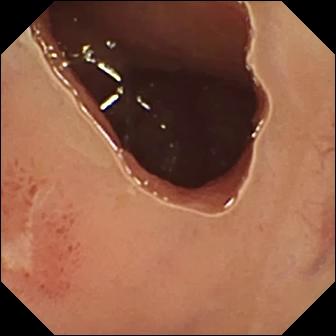Ulcer — small-bowel capsule endoscopy view.